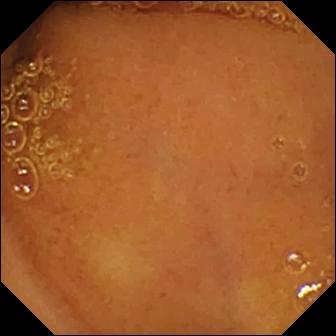VCE. Small bowel. Impression: normal clean mucosa.